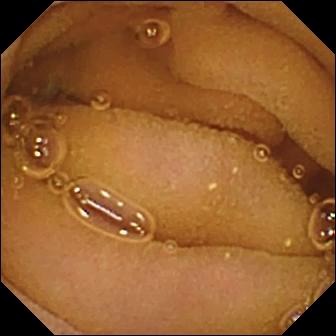This WCE view shows normal clean mucosa.